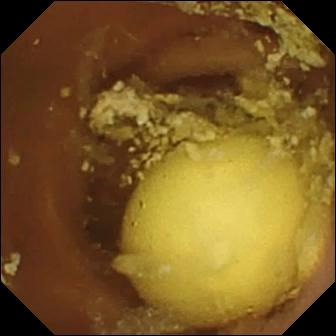modality: video capsule endoscopy | observation: foreign body (e.g. retained capsule, tablet residue)